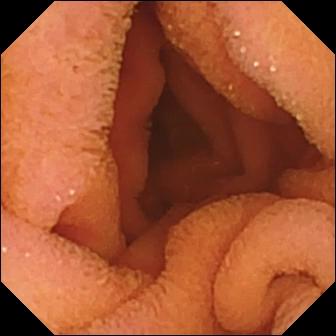Video capsule endoscopy. Small intestine. Luminal finding. Observation: normal clean mucosa.